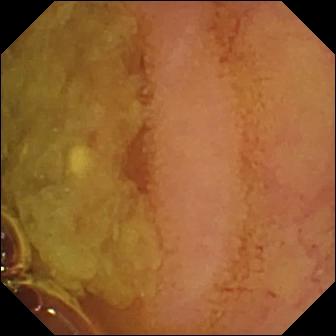Capsule endoscopy — normal clean mucosa.